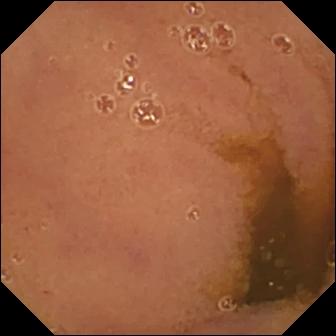This WCE still of the small bowel shows normal clean mucosa.